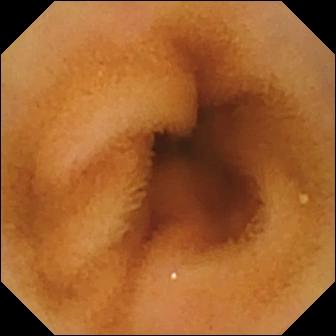Normal clean mucosa.